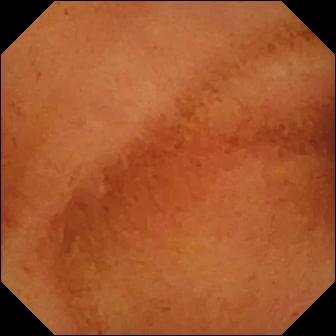Q: What does this VCE view show?
A: Normal clean mucosa.